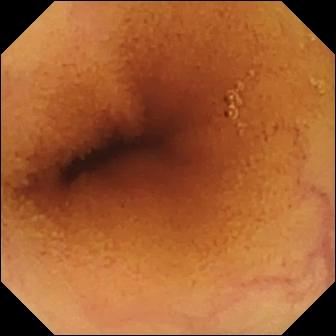modality: small-bowel capsule endoscopy; segment: small bowel; category: luminal finding; observation: normal clean mucosa